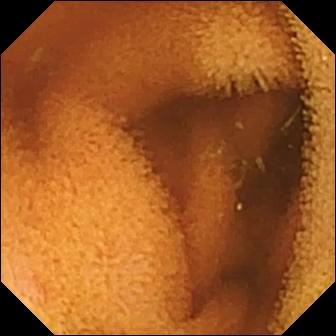Small-bowel capsule endoscopy — normal clean mucosa.